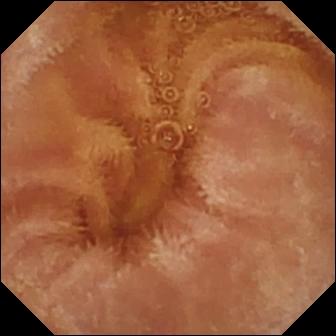Q: What does this small-bowel capsule endoscopy image of the small intestine show?
A: Normal clean mucosa.